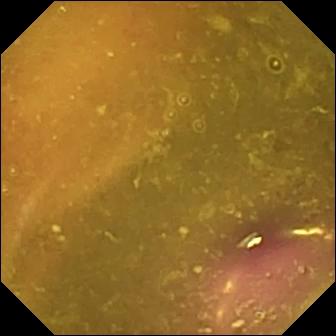Video capsule endoscopy frame, small intestine
Observation: reduced mucosal view (content or bubbles obscuring the mucosa)